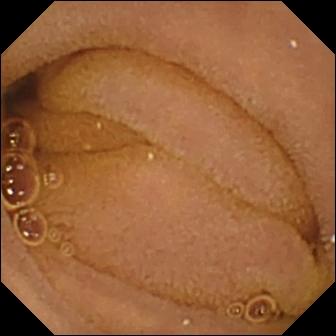PROCEDURE: Small-bowel capsule endoscopy.
SEGMENT: Small bowel.
FINDINGS: Normal clean mucosa.